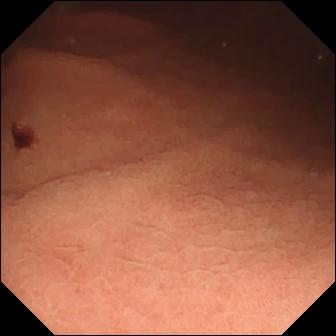Q: What does this wireless capsule endoscopy snapshot show?
A: Angiectasia.